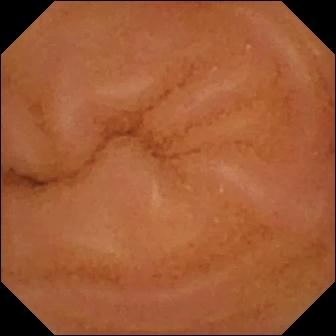WCE. Small bowel. Luminal finding. Observation: normal clean mucosa.